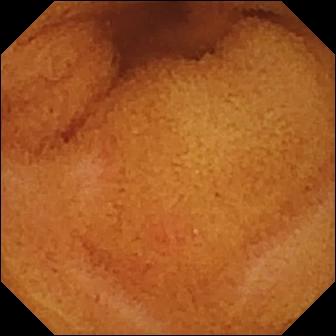VCE. Small bowel. Finding: normal clean mucosa.